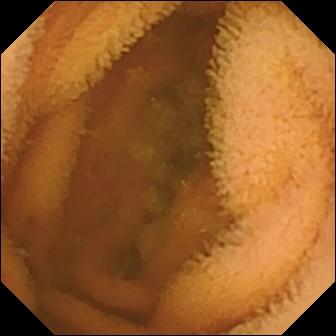Small-bowel capsule endoscopy still. Normal clean mucosa.